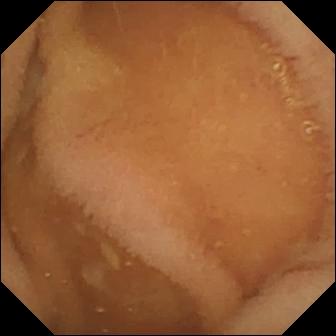Capsule endoscopy frame. Normal clean mucosa.